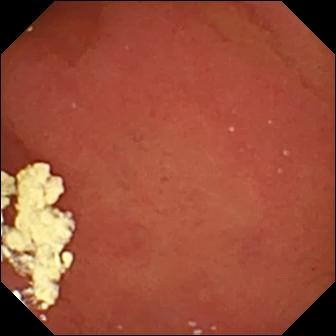{"modality": "video capsule endoscopy", "category": "anatomical landmark", "video_segment": "pylorus region"}